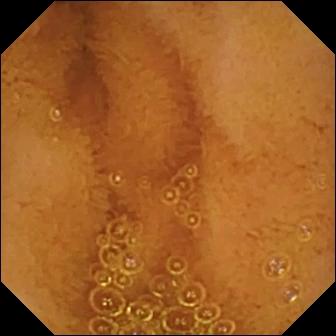PROCEDURE: Wireless capsule endoscopy.
SEGMENT: Small bowel.
FINDINGS: Normal clean mucosa.